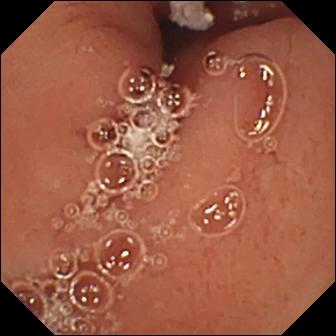VCE snapshot taken in the pylorus region.